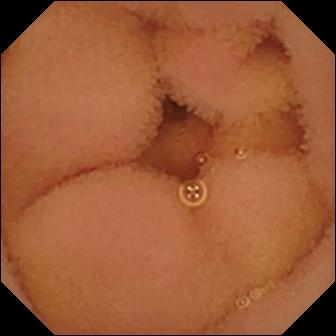Small-bowel capsule endoscopy image, small bowel
Impression: normal clean mucosa